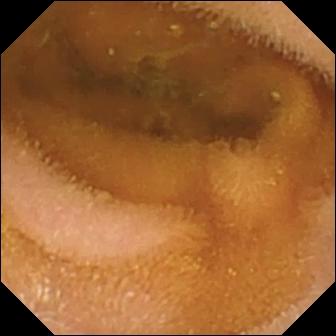WCE. Label: normal clean mucosa.